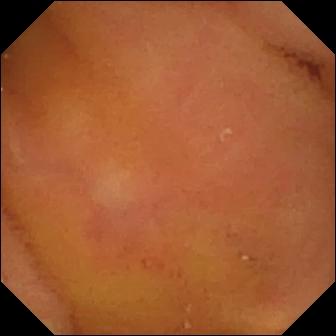Capsule endoscopy image showing normal clean mucosa.